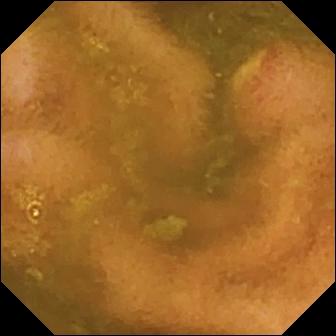modality: video capsule endoscopy; impression: ulcer